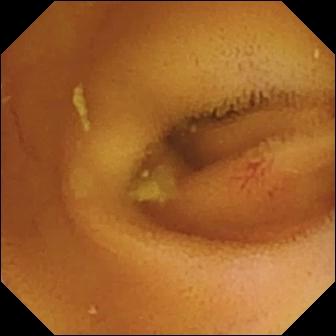modality: video capsule endoscopy
observation: angiectasia